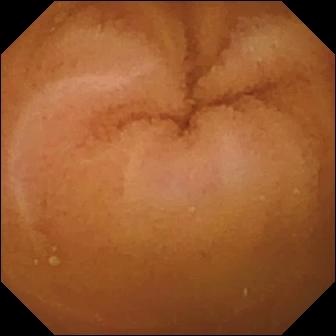{"modality": "capsule endoscopy", "finding": "normal clean mucosa"}